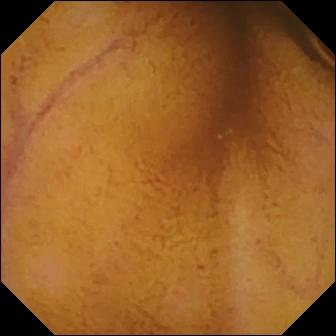modality: wireless capsule endoscopy | label: normal clean mucosa